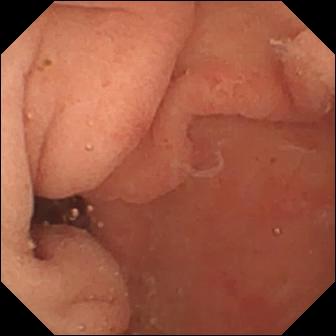WCE frame. Taken in the pylorus region.